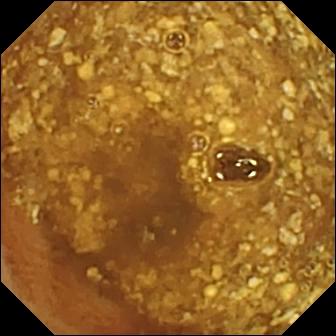Video capsule endoscopy — reduced mucosal view (content or bubbles obscuring the mucosa).